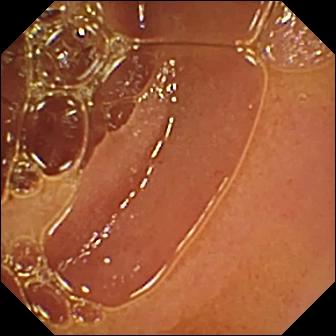Small-bowel capsule endoscopy — normal clean mucosa.